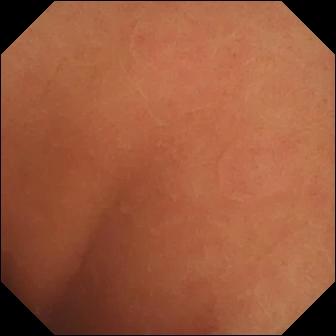Wireless capsule endoscopy view showing normal clean mucosa.